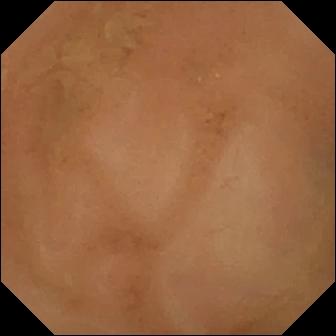VCE. Impression: normal clean mucosa.